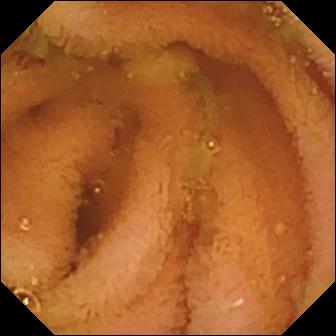modality: VCE; segment: small bowel; category: luminal finding; observation: normal clean mucosa